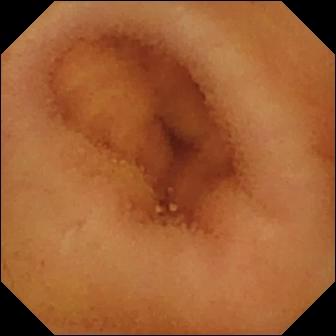This VCE image of the small bowel shows normal clean mucosa.